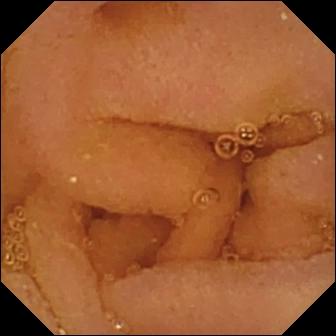Capsule endoscopy still, small bowel
Observation: normal clean mucosa